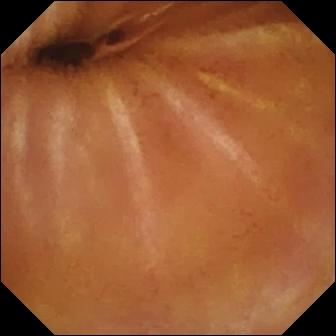Small-bowel capsule endoscopy frame
Observation: normal clean mucosa